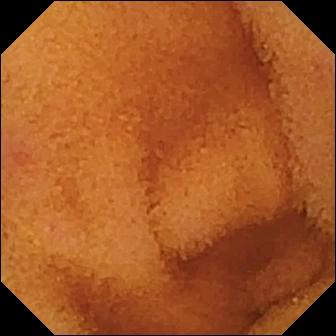Capsule endoscopy snapshot (small bowel). Normal clean mucosa.